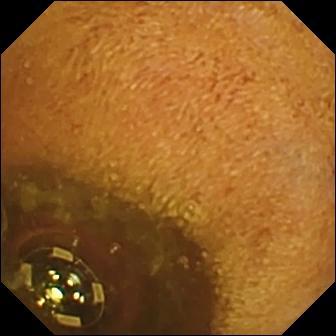Small-bowel capsule endoscopy image, 336×336. Foreign body (e.g. retained capsule, tablet residue).